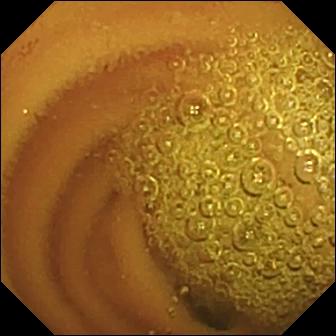Video capsule endoscopy. Luminal finding. Label: normal clean mucosa.